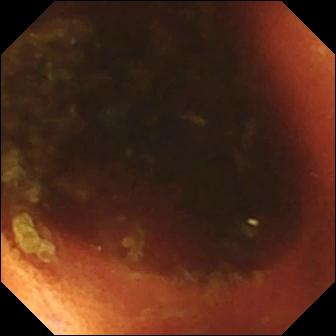Ileo-cecal valve region (the transition from the small bowel to the large bowel), 336×336.